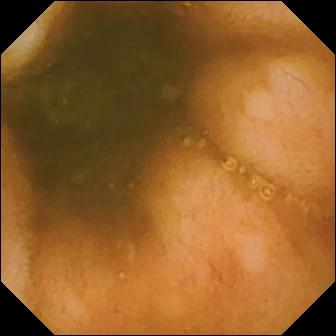Ileo-cecal valve region.